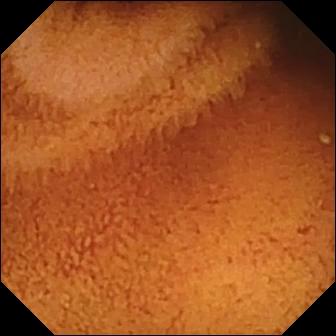Video capsule endoscopy frame of the small bowel showing normal clean mucosa.